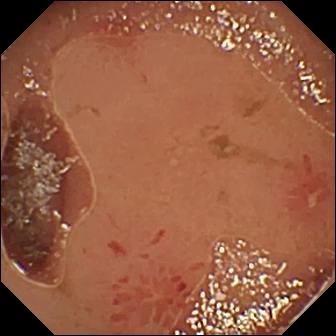Q: What does this video capsule endoscopy frame show?
A: Erosion.